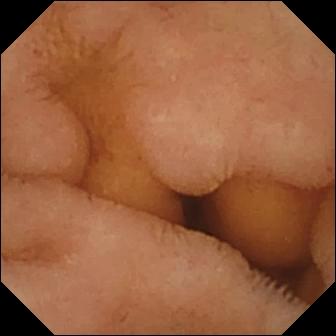Q: What does this capsule endoscopy frame of the small bowel show?
A: Normal clean mucosa.